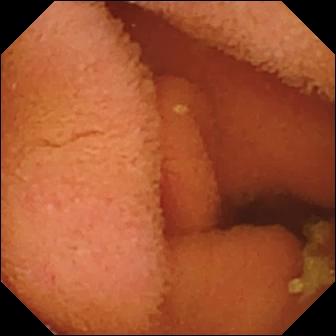Video capsule endoscopy — normal clean mucosa.